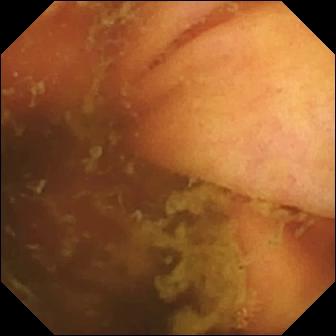PROCEDURE: Wireless capsule endoscopy.
VIDEO SEGMENT: Ileo-cecal valve region (where the capsule passes from the small bowel into the large bowel).